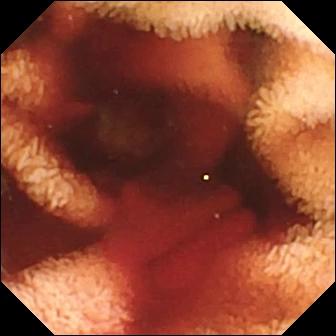Fresh blood in the lumen — VCE frame.